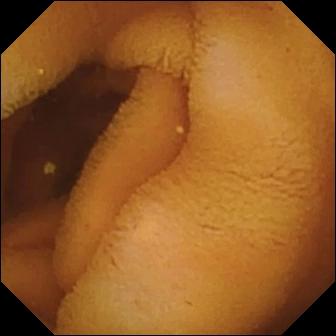Q: What does this small-bowel capsule endoscopy frame show?
A: Normal clean mucosa.